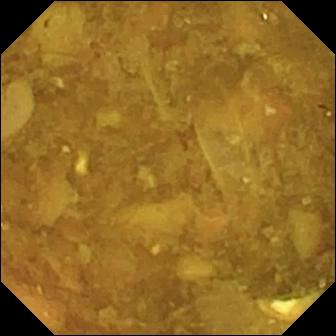Video capsule endoscopy. Small intestine. Observation: reduced mucosal view (content or bubbles obscuring the mucosa).